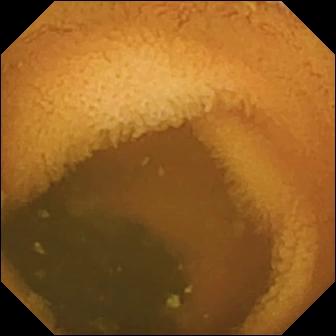modality: video capsule endoscopy | finding: normal clean mucosa